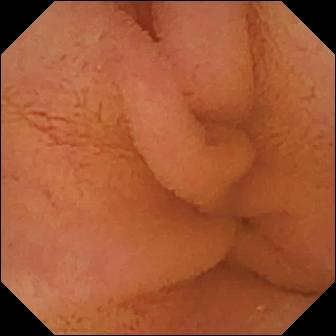Wireless capsule endoscopy — normal clean mucosa.